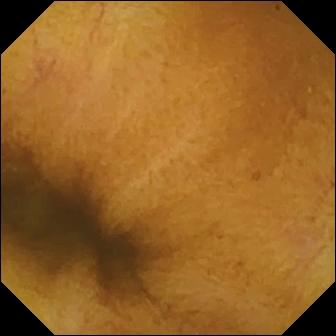{"modality": "video capsule endoscopy", "finding": "normal clean mucosa"}